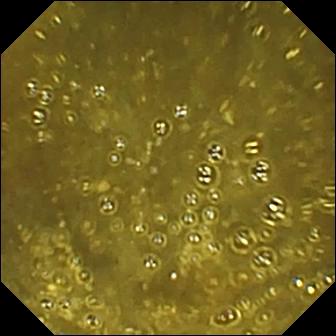Q: Where in the digestive tract was this VCE still taken?
A: Ileo-cecal valve region (the transition from the small bowel to the large bowel).